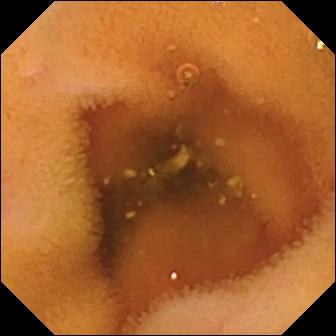- modality: capsule endoscopy
- segment: small intestine
- category: luminal finding
- label: normal clean mucosa